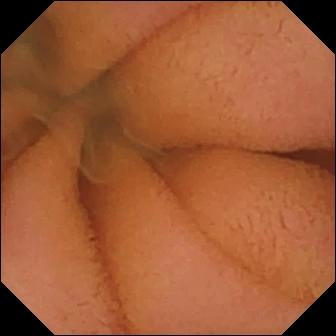PROCEDURE: Wireless capsule endoscopy.
SEGMENT: Small intestine.
FINDINGS: Normal clean mucosa.